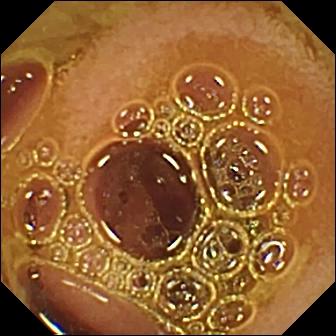- modality: VCE
- impression: normal clean mucosa